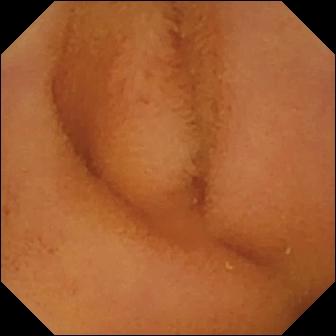PROCEDURE: Capsule endoscopy.
SEGMENT: Small bowel.
FINDINGS: Normal clean mucosa.